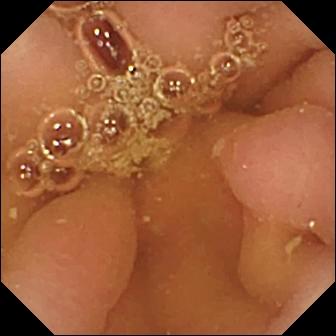Small-bowel capsule endoscopy snapshot. Taken in the pylorus region (the junction between the stomach and the small bowel).